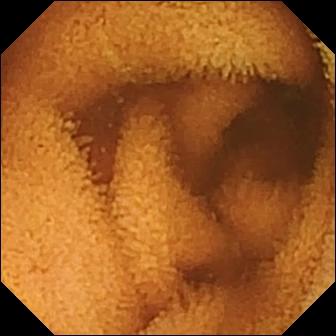modality: WCE
label: normal clean mucosa